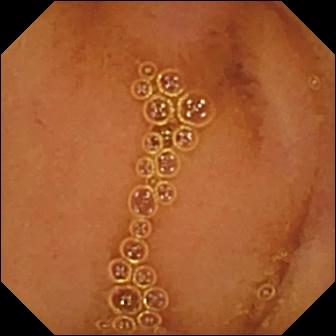PROCEDURE: Capsule endoscopy.
FINDINGS: Normal clean mucosa.